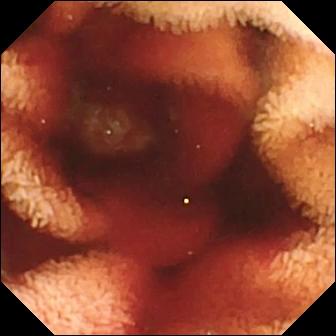modality: wireless capsule endoscopy | impression: fresh blood in the lumen